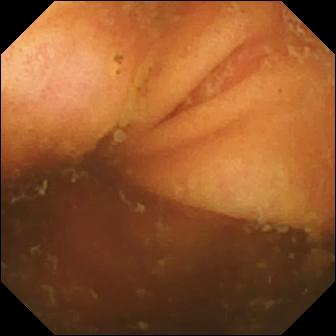VCE snapshot taken in the ileo-cecal valve region.